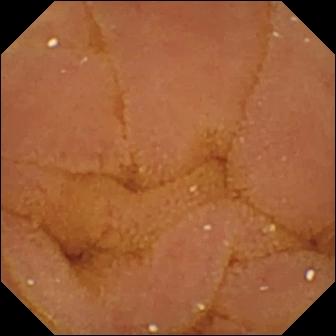PROCEDURE: WCE.
SEGMENT: Small bowel.
FINDINGS: Normal clean mucosa.